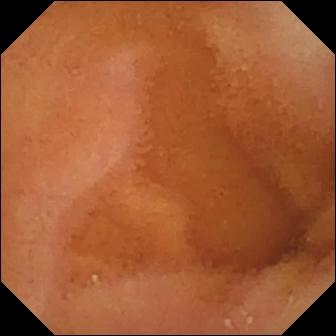Small-bowel capsule endoscopy still, small bowel
Finding: normal clean mucosa